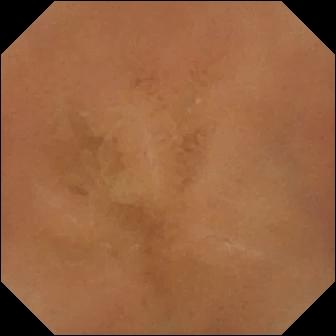Normal clean mucosa.